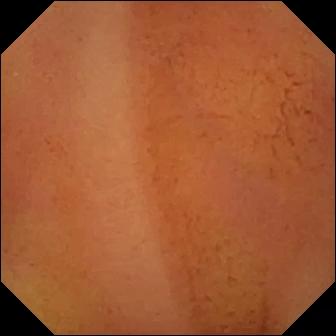This WCE view shows normal clean mucosa.